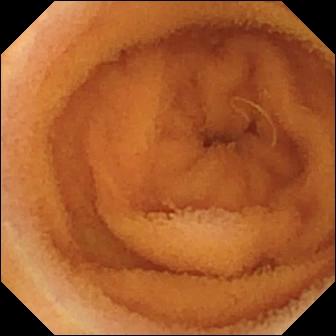Normal clean mucosa — wireless capsule endoscopy view of the small intestine.